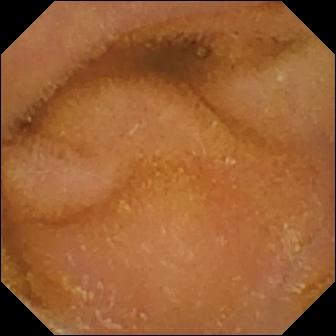modality: video capsule endoscopy; segment: small bowel; finding: normal clean mucosa